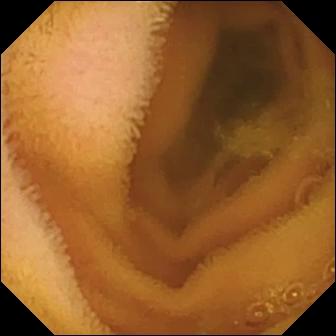Normal clean mucosa.